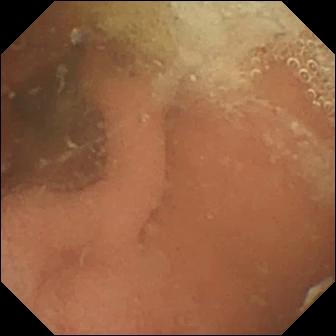{"modality": "WCE", "finding": "normal clean mucosa"}